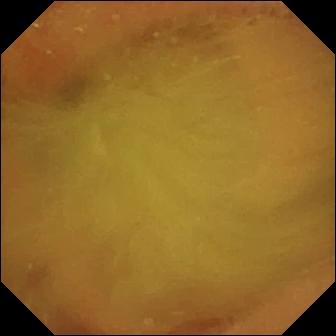Small-bowel capsule endoscopy — normal clean mucosa.